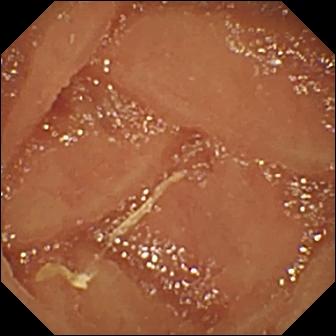PROCEDURE: WCE.
SEGMENT: Small bowel.
FINDINGS: Normal clean mucosa.